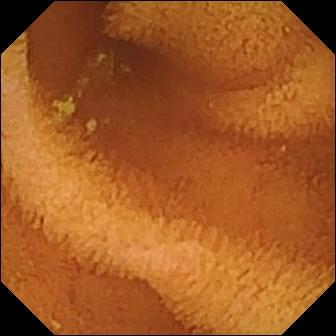This VCE frame shows normal clean mucosa.